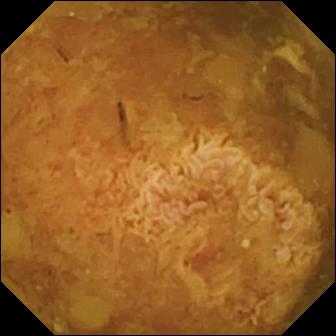- modality: capsule endoscopy
- segment: small intestine
- label: reduced mucosal view (content or bubbles obscuring the mucosa)